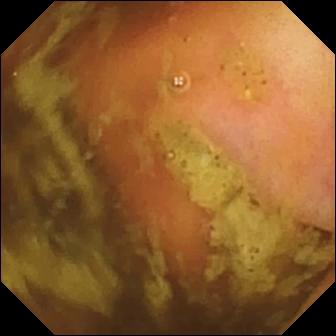Q: Where in the digestive tract was this WCE image taken?
A: Ileo-cecal valve region (where the capsule passes from the small bowel into the large bowel).